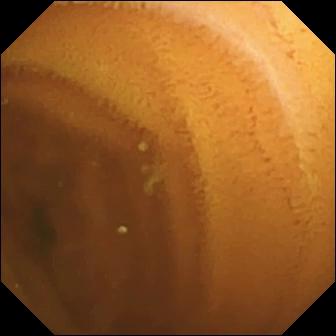WCE. Small intestine. Finding: normal clean mucosa.